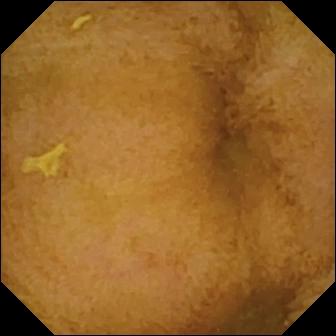Capsule endoscopy. Finding: normal clean mucosa.